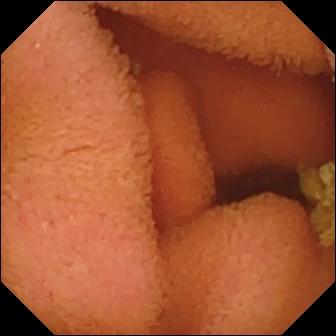This capsule endoscopy still shows normal clean mucosa.